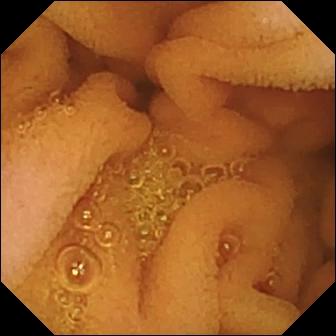Video capsule endoscopy frame of the small bowel showing normal clean mucosa.